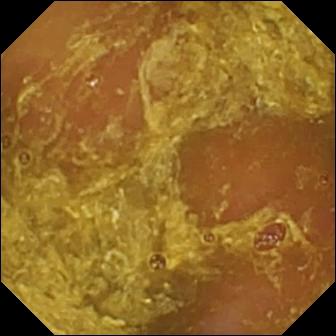- modality: video capsule endoscopy
- label: reduced mucosal view (content or bubbles obscuring the mucosa)